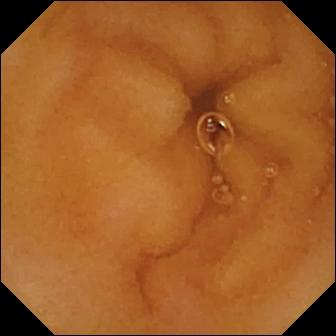{"modality": "small-bowel capsule endoscopy", "segment": "small bowel", "category": "luminal finding", "finding": "normal clean mucosa"}